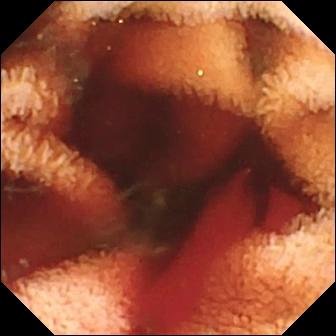Fresh blood in the lumen — WCE image.